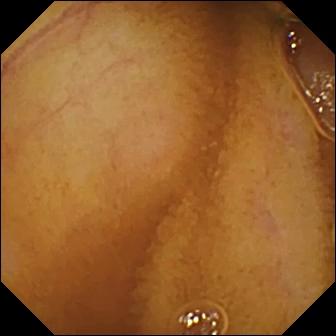- modality: video capsule endoscopy
- observation: normal clean mucosa